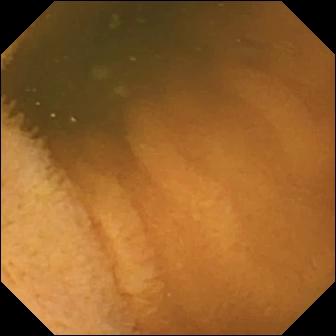{"modality": "capsule endoscopy", "segment": "small bowel", "finding": "normal clean mucosa"}